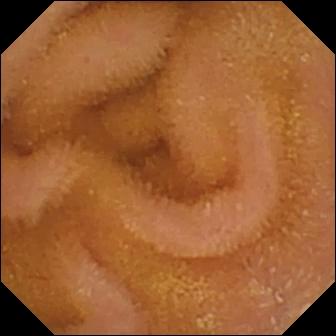- modality: capsule endoscopy
- segment: small intestine
- category: luminal finding
- observation: normal clean mucosa